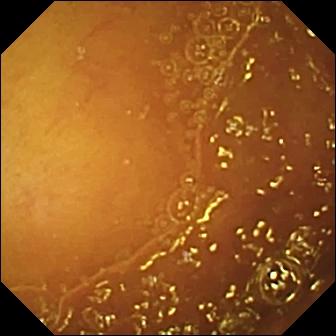Q: What does this video capsule endoscopy still of the small intestine show?
A: Normal clean mucosa.